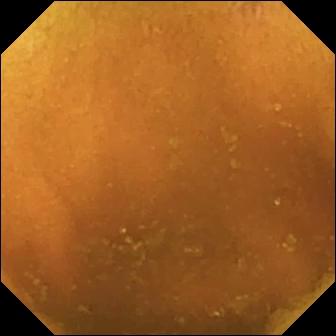{"modality": "WCE", "finding": "normal clean mucosa"}